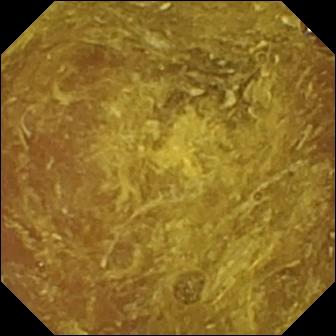PROCEDURE: Wireless capsule endoscopy.
FINDINGS: Reduced mucosal view (content or bubbles obscuring the mucosa).